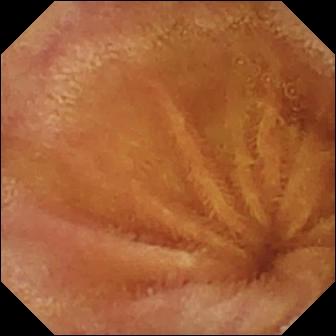PROCEDURE: VCE.
FINDINGS: Normal clean mucosa.